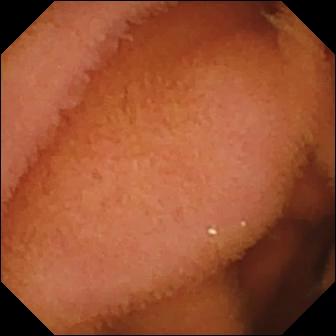Normal clean mucosa — capsule endoscopy view of the small bowel.